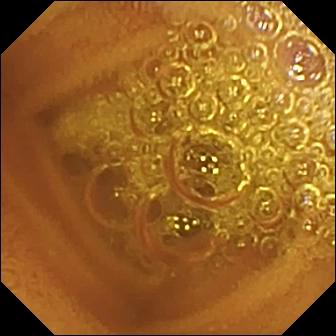Video capsule endoscopy. Small intestine. Luminal finding. Label: normal clean mucosa.